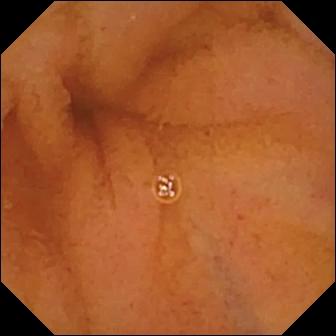Capsule endoscopy — normal clean mucosa.